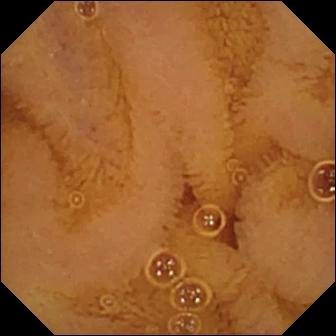modality: WCE
observation: normal clean mucosa